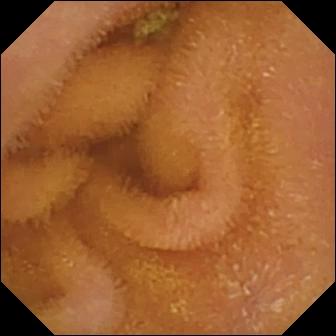Q: What does this WCE still show?
A: Normal clean mucosa.